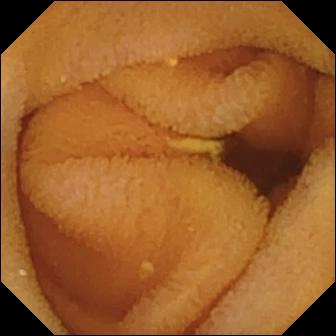Video capsule endoscopy snapshot
Finding: normal clean mucosa